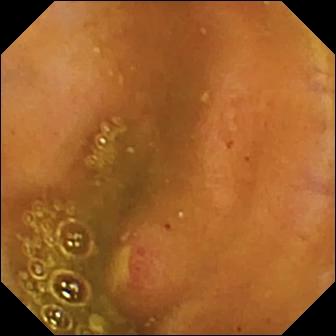Q: What does this small-bowel capsule endoscopy snapshot show?
A: Ulcer.